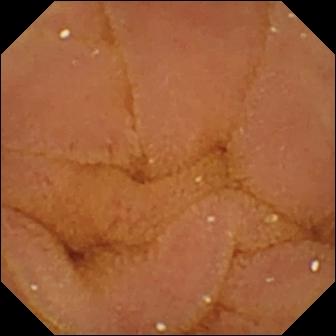Q: What does this video capsule endoscopy image of the small intestine show?
A: Normal clean mucosa.